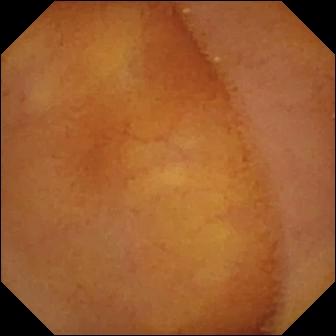This small-bowel capsule endoscopy image shows normal clean mucosa.